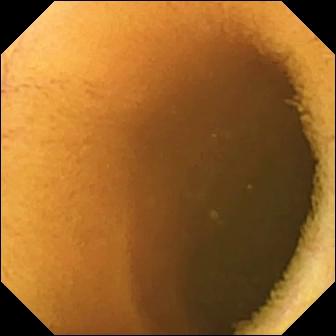Normal clean mucosa.